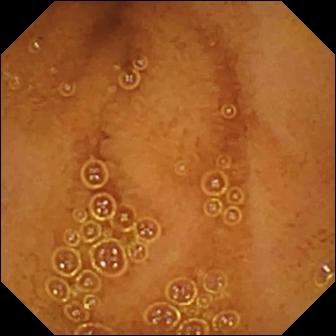Video capsule endoscopy. Finding: normal clean mucosa.